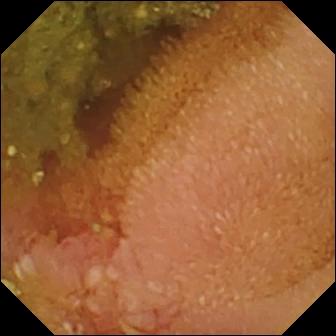VCE — erosion.